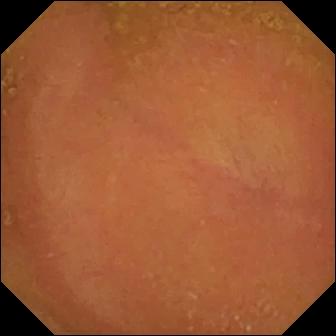WCE still showing normal clean mucosa.